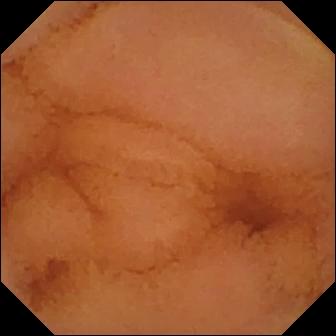This video capsule endoscopy frame shows normal clean mucosa.